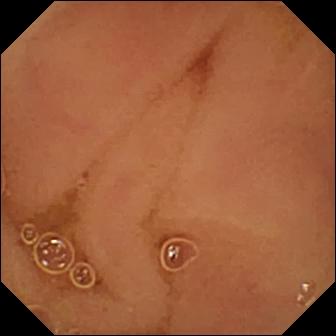PROCEDURE: Small-bowel capsule endoscopy.
FINDINGS: Normal clean mucosa.